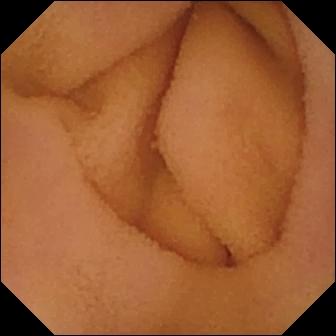VCE view
Label: normal clean mucosa